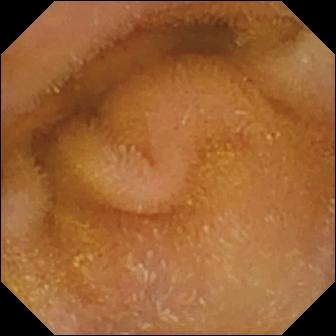Normal clean mucosa (336×336).